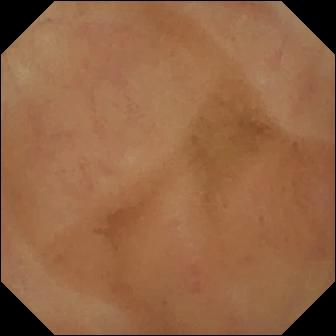Normal clean mucosa — capsule endoscopy still.